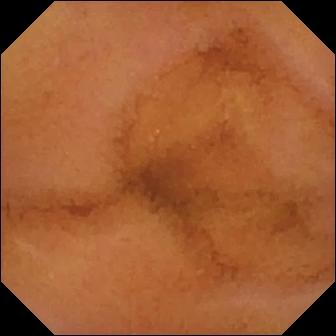modality: VCE; observation: normal clean mucosa